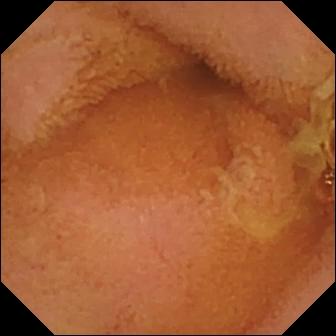WCE view. Normal clean mucosa.